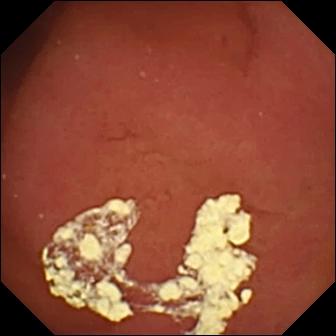Pylorus region (where the capsule passes from the stomach into the small bowel) — wireless capsule endoscopy view.